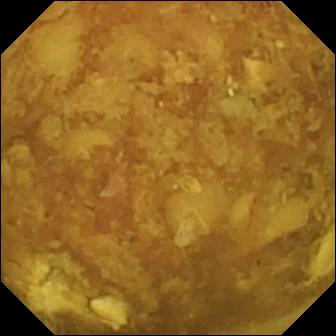VCE. Luminal finding. Finding: reduced mucosal view (content or bubbles obscuring the mucosa).